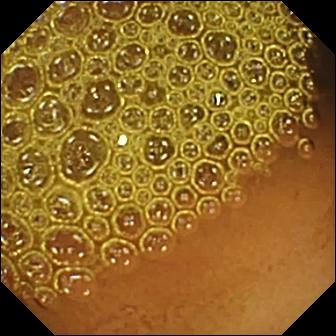VCE frame (small bowel). Reduced mucosal view (content or bubbles obscuring the mucosa).